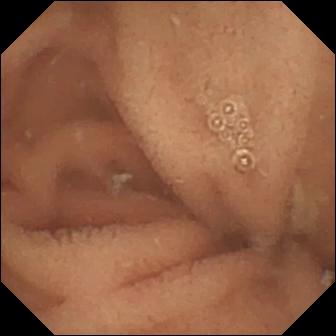Wireless capsule endoscopy view
Impression: normal clean mucosa